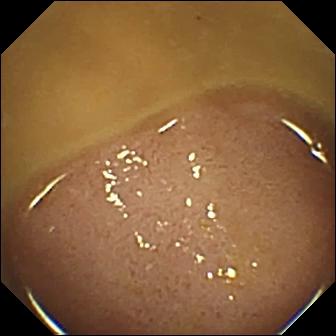Capsule endoscopy — ileo-cecal valve region (the transition from the small bowel to the large bowel).